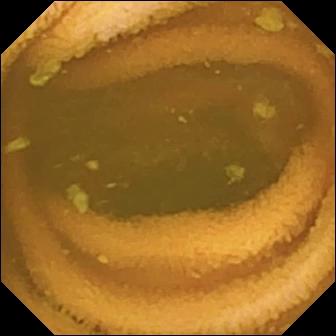Normal clean mucosa — VCE snapshot of the small intestine.